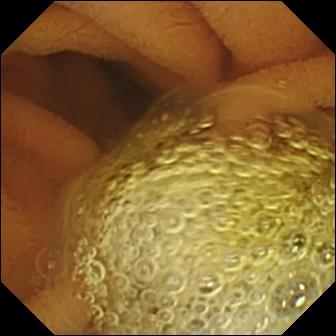Q: What does this VCE image show?
A: Normal clean mucosa.